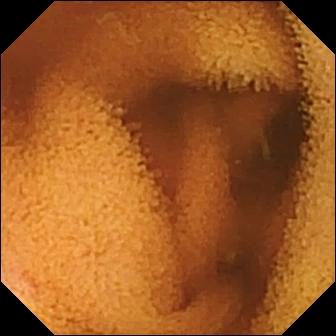PROCEDURE: Wireless capsule endoscopy.
SEGMENT: Small intestine.
FINDINGS: Normal clean mucosa.